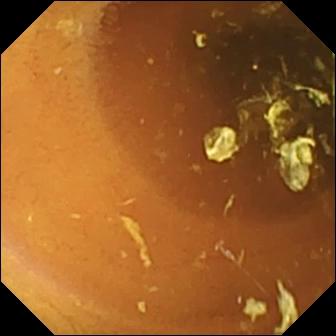WCE view (small bowel). Normal clean mucosa.